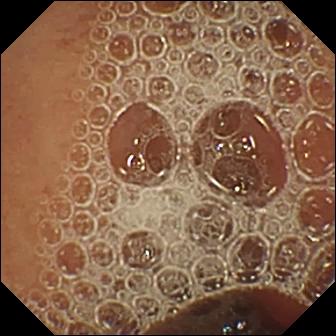modality: video capsule endoscopy; impression: normal clean mucosa